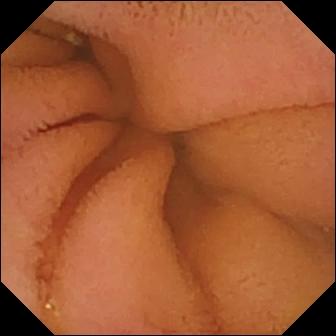Q: What does this video capsule endoscopy view show?
A: Normal clean mucosa.